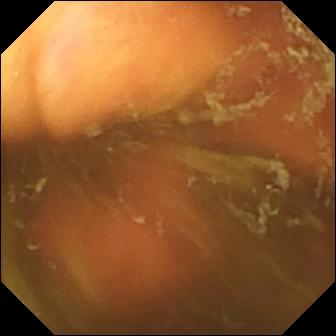Ileo-cecal valve region (where the capsule passes from the small bowel into the large bowel).